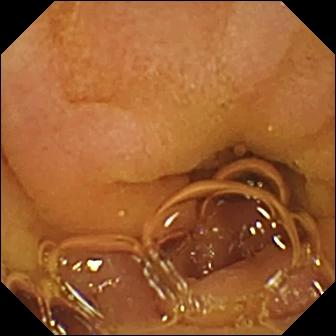Small-bowel capsule endoscopy. Small bowel. Label: normal clean mucosa.